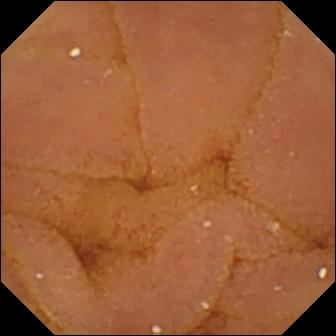PROCEDURE: Small-bowel capsule endoscopy.
SEGMENT: Small bowel.
FINDINGS: Normal clean mucosa.